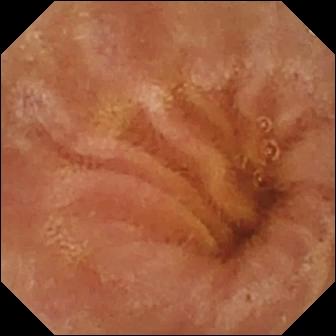Normal clean mucosa — small-bowel capsule endoscopy view of the small bowel.